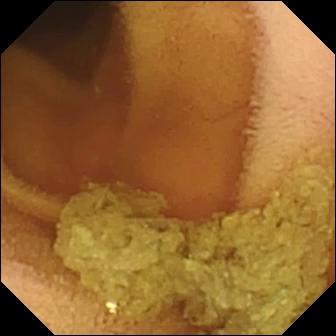{"modality": "VCE", "category": "luminal finding", "finding": "normal clean mucosa"}